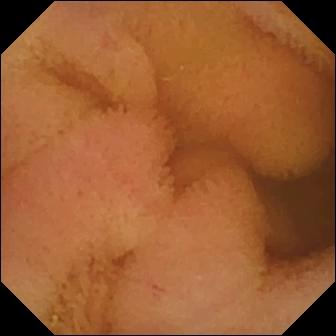{"modality": "video capsule endoscopy", "category": "luminal finding", "finding": "normal clean mucosa"}